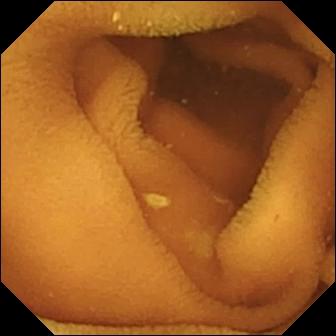VCE — normal clean mucosa.